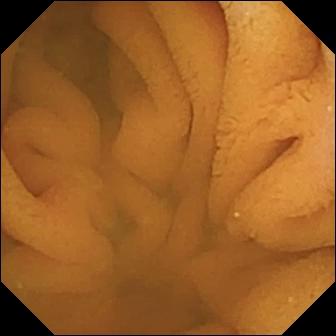Normal clean mucosa — WCE view of the small bowel.